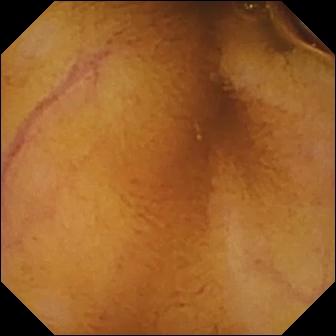modality: VCE; category: luminal finding; label: normal clean mucosa